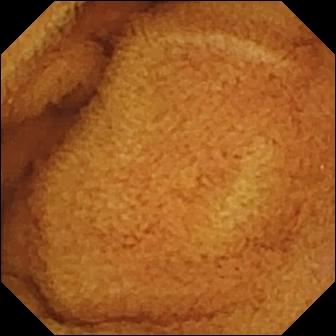WCE image of the small bowel showing normal clean mucosa.